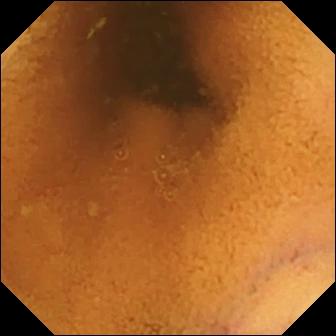Normal clean mucosa (336×336).